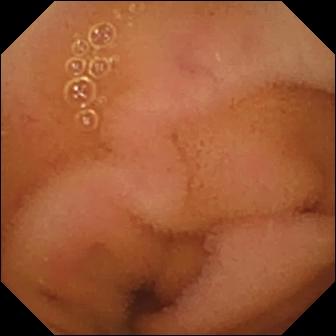PROCEDURE: WCE.
FINDINGS: Normal clean mucosa.